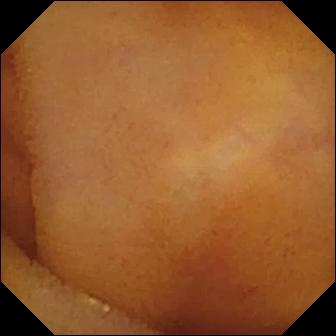Small-bowel capsule endoscopy view. Normal clean mucosa.